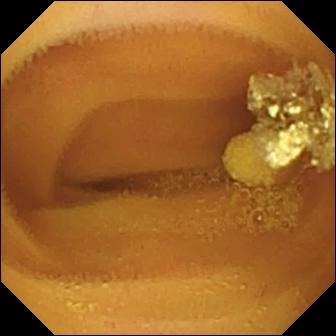- modality: capsule endoscopy
- category: luminal finding
- impression: lymphangiectasia